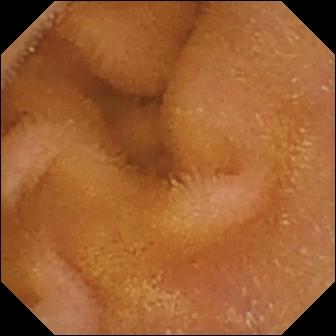modality: capsule endoscopy; observation: normal clean mucosa